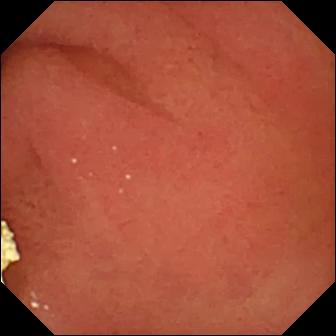modality: video capsule endoscopy | category: anatomical landmark | video segment: pylorus region (where the capsule passes from the stomach into the small bowel)